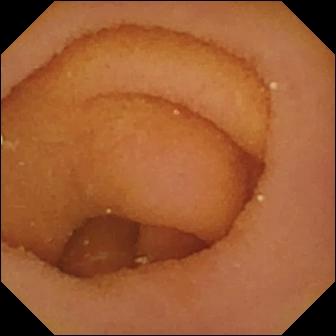This wireless capsule endoscopy frame was taken in the pylorus region (the junction between the stomach and the small bowel).